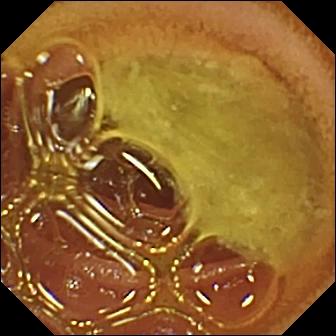Small-bowel capsule endoscopy still. Normal clean mucosa.